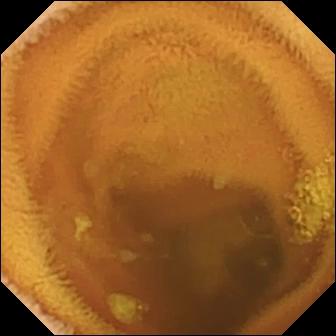{"modality": "WCE", "finding": "normal clean mucosa"}